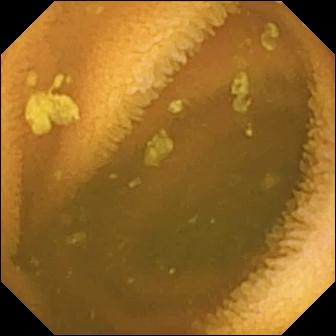This wireless capsule endoscopy snapshot shows normal clean mucosa.